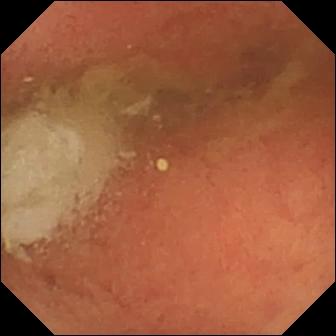WCE. Location: pylorus region.